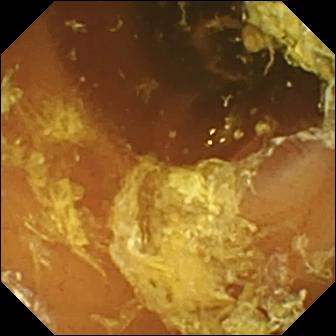Capsule endoscopy frame. Normal clean mucosa.